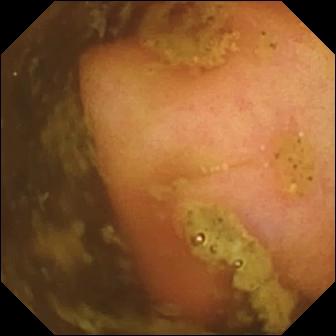Small-bowel capsule endoscopy. Position: ileo-cecal valve region (the transition from the small bowel to the large bowel).